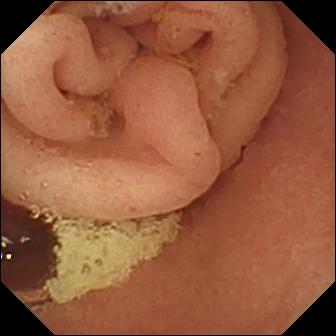Capsule endoscopy still. Taken in the pylorus region.